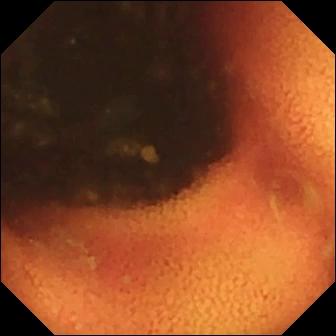This VCE view was taken in the ileo-cecal valve region (the transition from the small bowel to the large bowel).